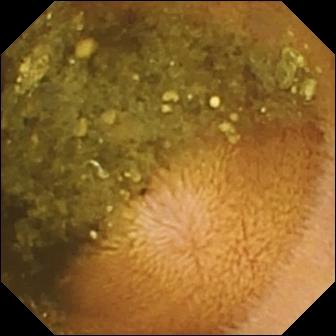PROCEDURE: Wireless capsule endoscopy.
SEGMENT: Small intestine.
FINDINGS: Reduced mucosal view (content or bubbles obscuring the mucosa).